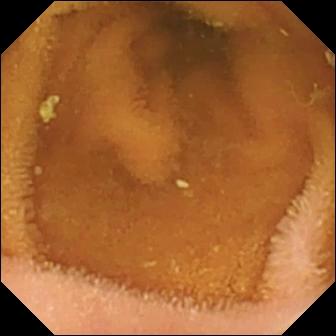- modality: wireless capsule endoscopy
- segment: small bowel
- category: luminal finding
- label: normal clean mucosa